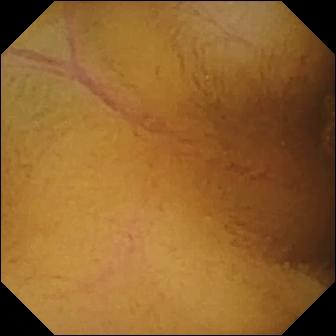PROCEDURE: Small-bowel capsule endoscopy.
FINDINGS: Normal clean mucosa.